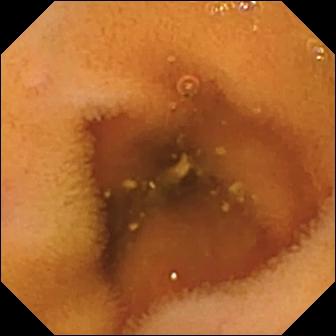{"modality": "capsule endoscopy", "segment": "small bowel", "finding": "normal clean mucosa"}